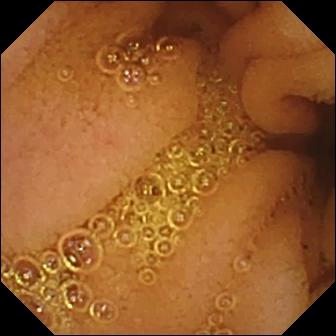Normal clean mucosa — small-bowel capsule endoscopy frame of the small intestine.